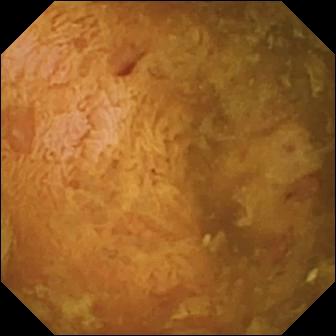PROCEDURE: Small-bowel capsule endoscopy.
SEGMENT: Small intestine.
FINDINGS: Reduced mucosal view (content or bubbles obscuring the mucosa).